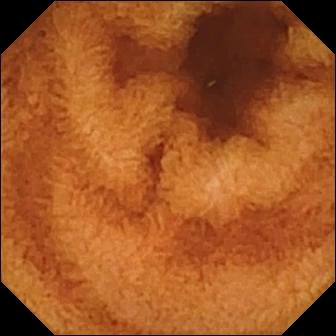This capsule endoscopy image shows normal clean mucosa.